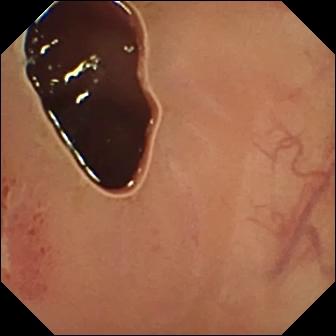Wireless capsule endoscopy — ulcer.